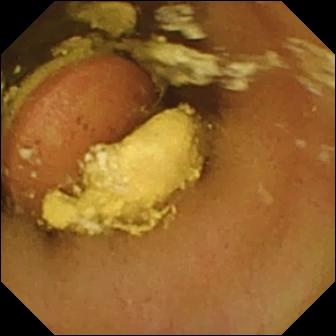This VCE frame shows foreign body (e.g. retained capsule, tablet residue).